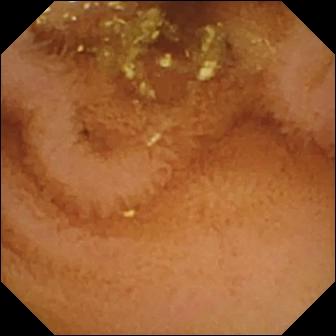Video capsule endoscopy snapshot, small intestine
Observation: normal clean mucosa